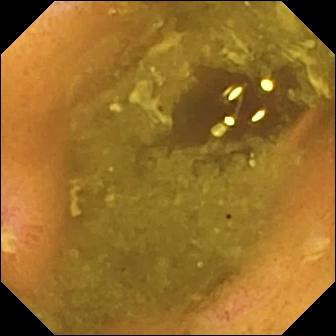{"modality": "capsule endoscopy", "finding": "ulcer"}